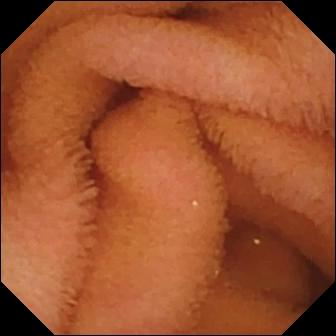VCE — normal clean mucosa.